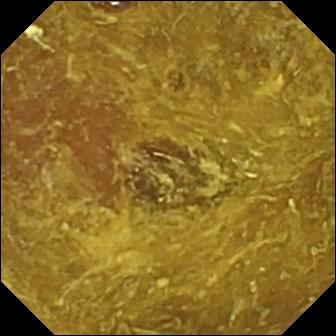Capsule endoscopy view showing reduced mucosal view (content or bubbles obscuring the mucosa).